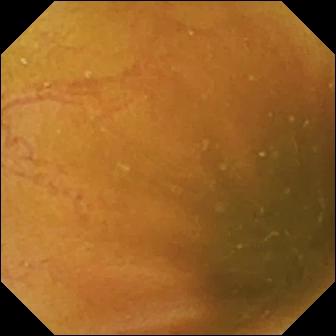Small-bowel capsule endoscopy frame taken in the ileo-cecal valve region (the transition from the small bowel to the large bowel).